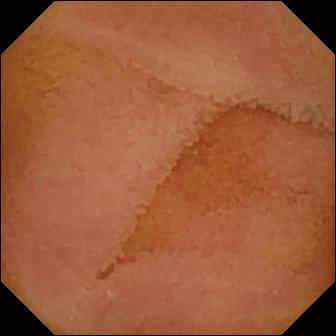Normal clean mucosa.